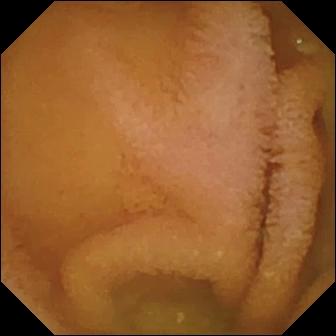modality: video capsule endoscopy
label: normal clean mucosa